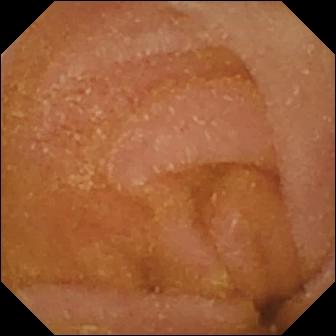This capsule endoscopy image shows normal clean mucosa.